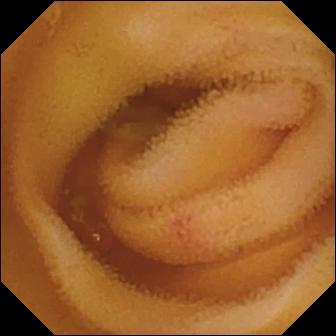{"modality": "VCE", "finding": "angiectasia"}